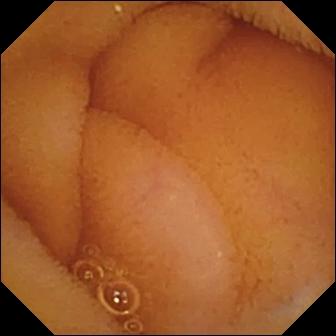Normal clean mucosa.